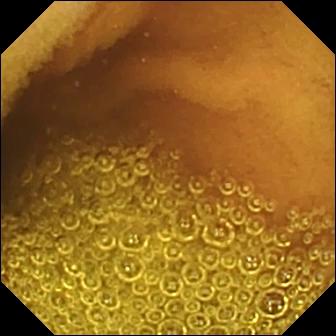Q: What does this capsule endoscopy still show?
A: Normal clean mucosa.